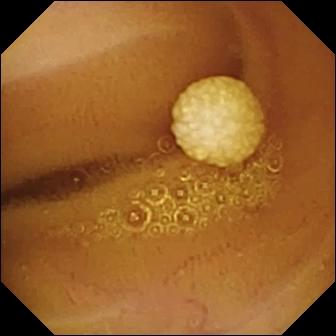{"modality": "small-bowel capsule endoscopy", "finding": "lymphangiectasia"}